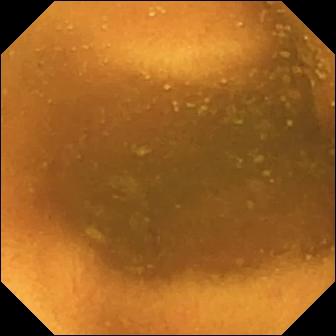This VCE still of the small bowel shows normal clean mucosa.